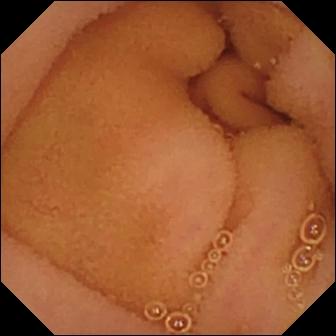modality: capsule endoscopy
category: luminal finding
label: normal clean mucosa